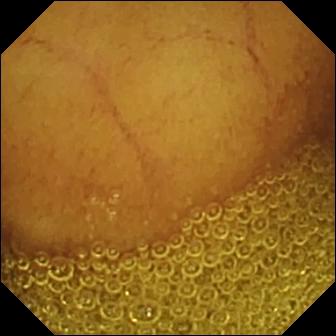This video capsule endoscopy view shows normal clean mucosa.